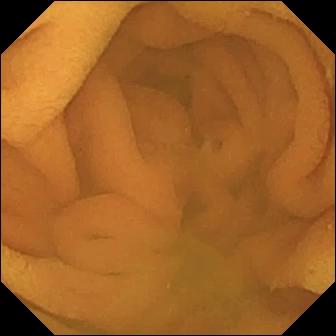Video capsule endoscopy view of the small intestine showing normal clean mucosa.